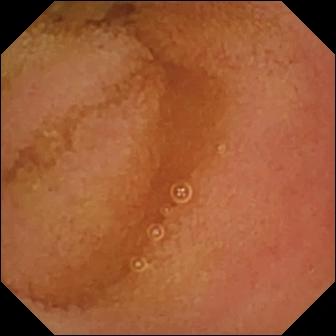modality: WCE; segment: small intestine; finding: normal clean mucosa